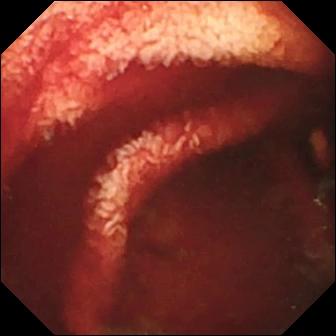This capsule endoscopy snapshot shows fresh blood in the lumen.